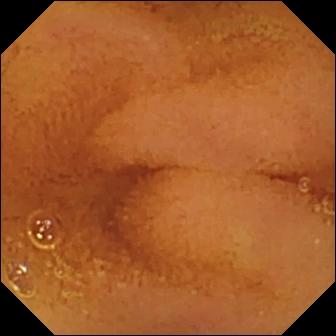VCE image. Normal clean mucosa.